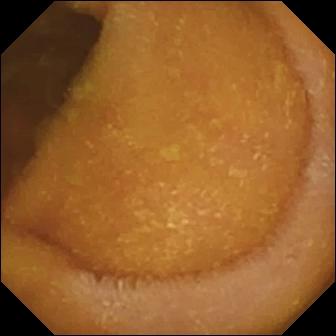Normal clean mucosa — small-bowel capsule endoscopy still of the small intestine.